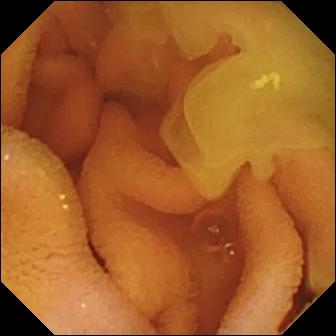This capsule endoscopy still shows normal clean mucosa.